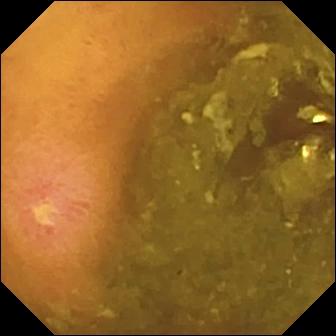{"modality": "small-bowel capsule endoscopy", "category": "luminal finding", "finding": "ulcer"}